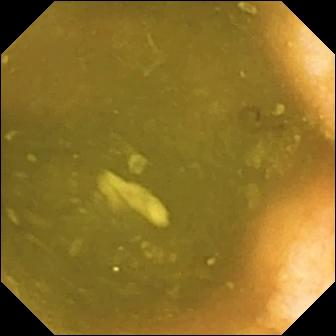This capsule endoscopy snapshot was taken in the ileo-cecal valve region (where the capsule passes from the small bowel into the large bowel).